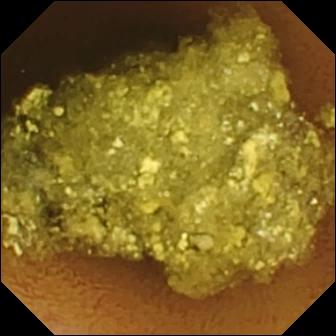modality: VCE | segment: small bowel | impression: normal clean mucosa